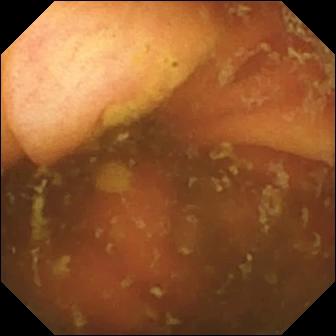{"modality": "wireless capsule endoscopy", "position": "ileo-cecal valve region (the transition from the small bowel to the large bowel)"}